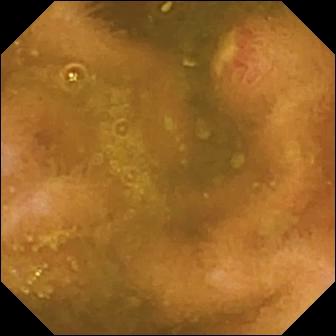PROCEDURE: Capsule endoscopy.
FINDINGS: Ulcer.